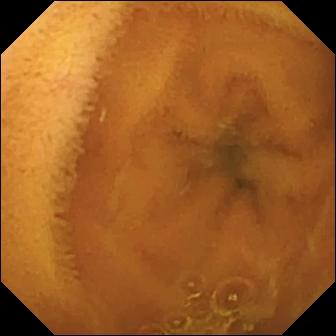modality: WCE
segment: small intestine
finding: normal clean mucosa